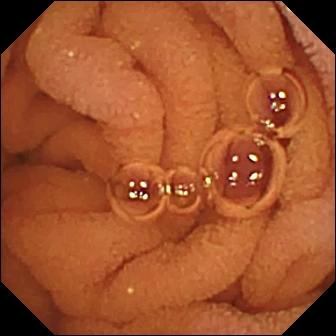Normal clean mucosa.